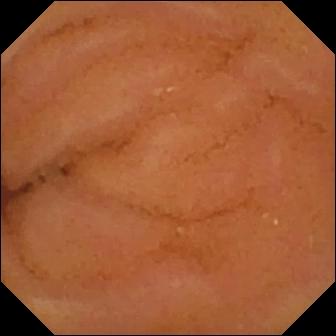Video capsule endoscopy image
Observation: normal clean mucosa